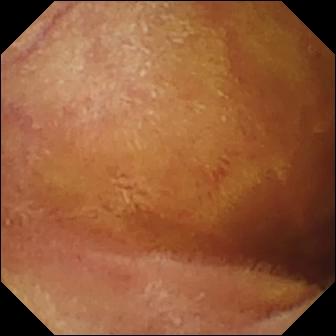Capsule endoscopy — normal clean mucosa.